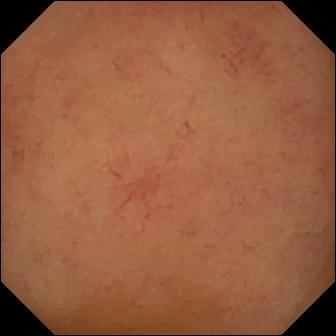Video capsule endoscopy — normal clean mucosa.